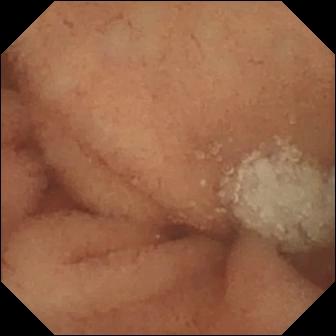Video capsule endoscopy. Impression: normal clean mucosa.